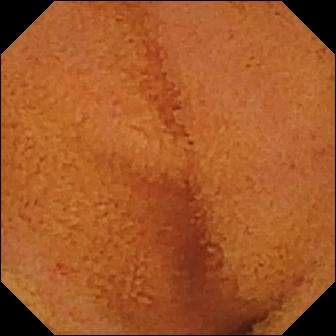WCE image
Finding: normal clean mucosa